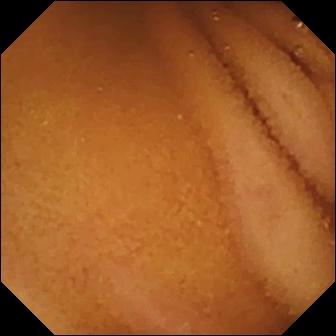Q: What does this video capsule endoscopy image show?
A: Normal clean mucosa.